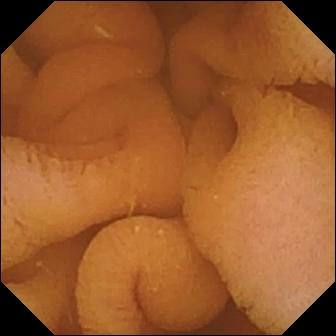{"modality": "capsule endoscopy", "segment": "small bowel", "category": "luminal finding", "finding": "normal clean mucosa"}